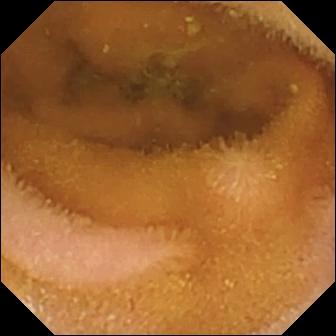Small-bowel capsule endoscopy snapshot (small bowel). Normal clean mucosa.